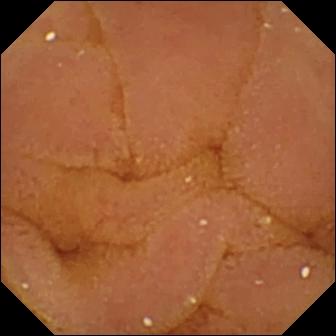{"modality": "video capsule endoscopy", "segment": "small intestine", "finding": "normal clean mucosa"}